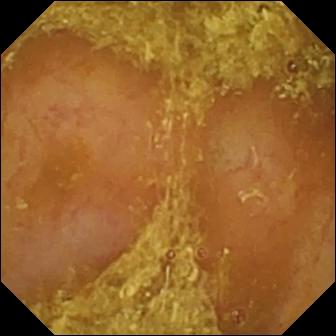Capsule endoscopy image of the small bowel showing reduced mucosal view (content or bubbles obscuring the mucosa).